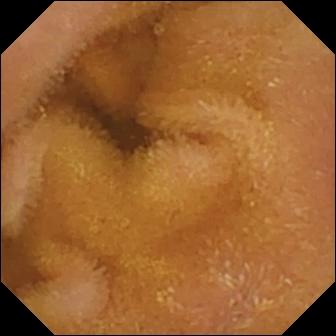This capsule endoscopy still of the small intestine shows normal clean mucosa.